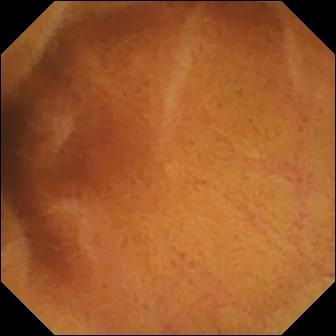Normal clean mucosa.